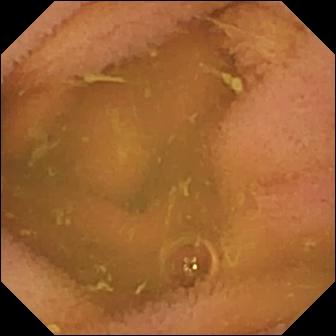WCE. Small bowel. Observation: normal clean mucosa.